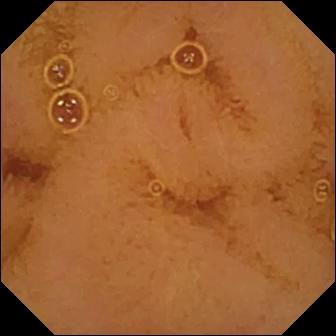Q: What does this video capsule endoscopy snapshot show?
A: Normal clean mucosa.